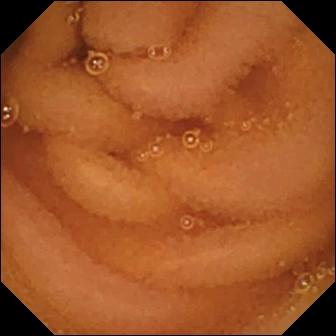Q: What does this WCE frame of the small intestine show?
A: Normal clean mucosa.